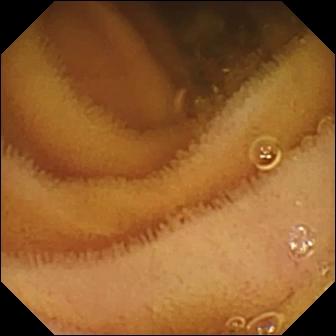Normal clean mucosa.